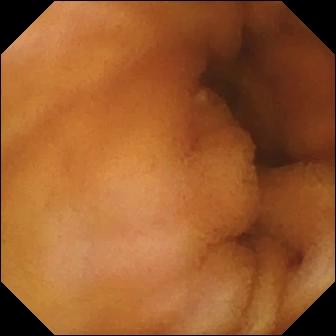modality: WCE | segment: small bowel | category: luminal finding | label: normal clean mucosa